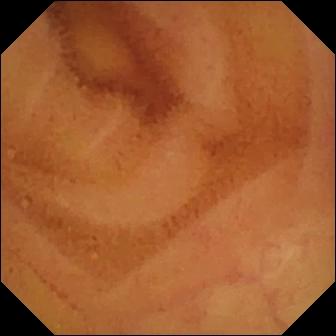{"modality": "wireless capsule endoscopy", "finding": "normal clean mucosa"}